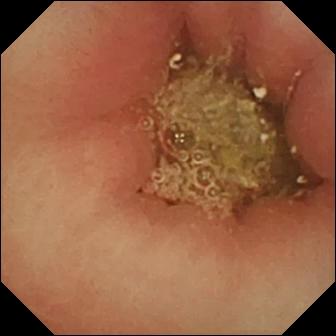modality: WCE
video segment: pylorus region (where the capsule passes from the stomach into the small bowel)